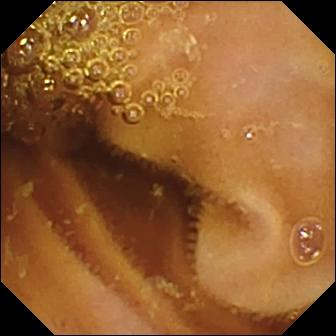modality: WCE
category: luminal finding
finding: normal clean mucosa